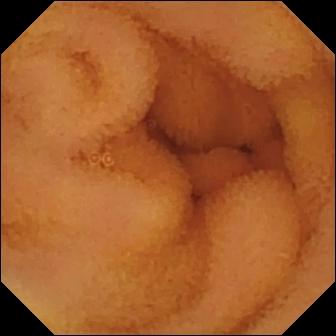Normal clean mucosa — small-bowel capsule endoscopy still of the small intestine.